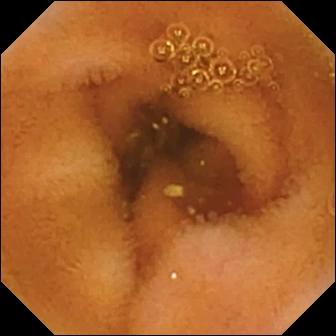Normal clean mucosa (336×336).